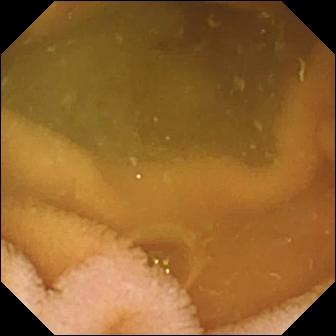This wireless capsule endoscopy still of the small intestine shows normal clean mucosa.